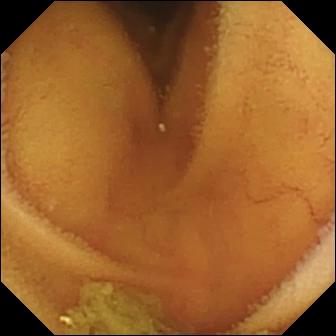This WCE view of the small bowel shows normal clean mucosa.